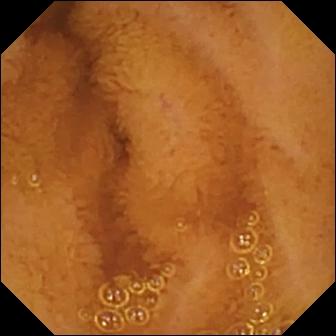Q: What does this WCE image show?
A: Normal clean mucosa.